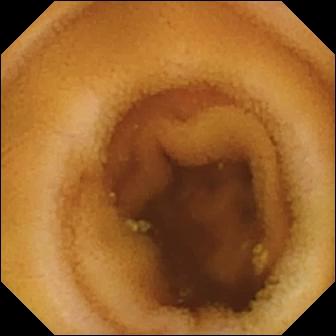VCE view
Observation: lymphangiectasia